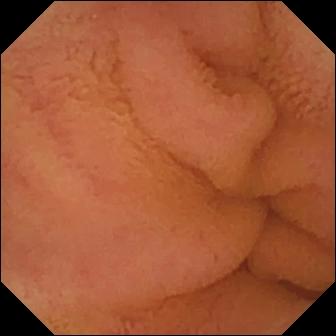Capsule endoscopy frame, small intestine
Impression: normal clean mucosa